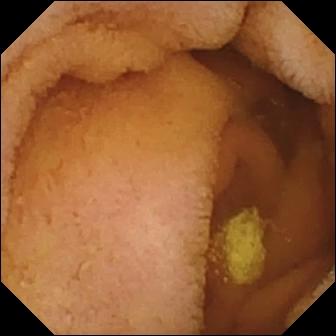Capsule endoscopy image (small intestine). Normal clean mucosa.